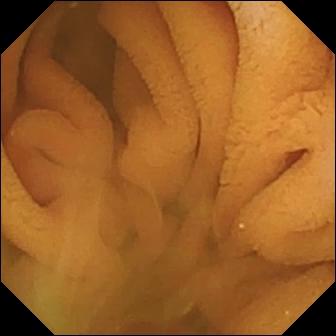Video capsule endoscopy. Impression: normal clean mucosa.